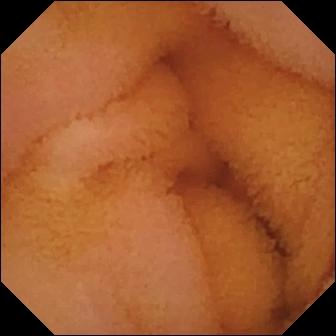PROCEDURE: Wireless capsule endoscopy.
FINDINGS: Normal clean mucosa.